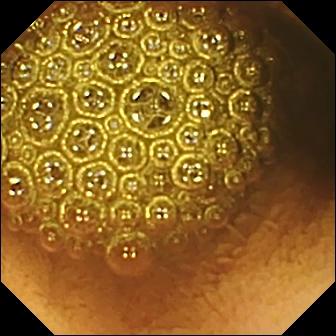PROCEDURE: Capsule endoscopy.
SEGMENT: Small bowel.
FINDINGS: Reduced mucosal view (content or bubbles obscuring the mucosa).